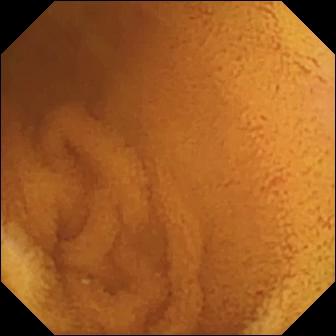Capsule endoscopy frame
Label: normal clean mucosa